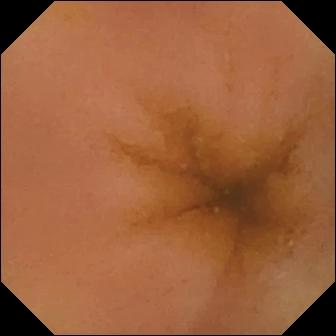Capsule endoscopy still
Finding: normal clean mucosa